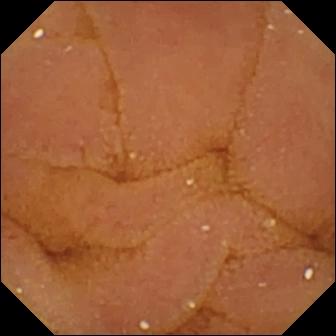Q: What does this VCE image show?
A: Normal clean mucosa.